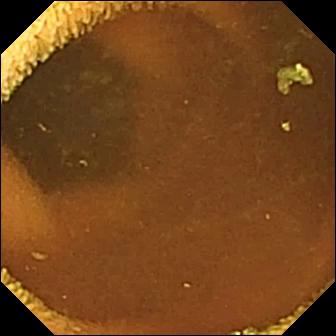modality: WCE
segment: small bowel
category: luminal finding
observation: normal clean mucosa